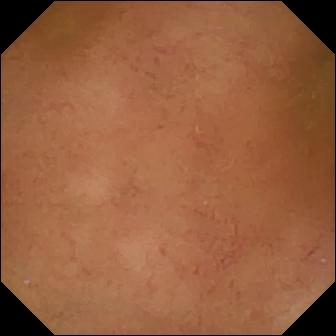VCE still. Normal clean mucosa.